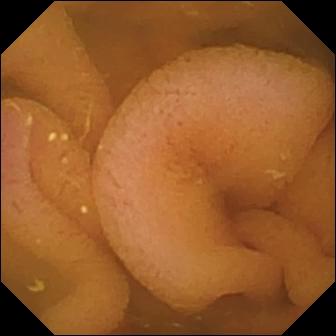Q: What does this WCE still of the small intestine show?
A: Normal clean mucosa.